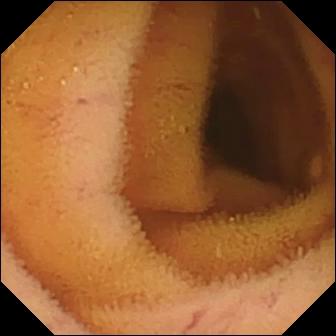Wireless capsule endoscopy. Impression: normal clean mucosa.